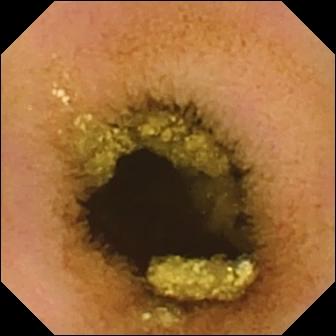modality: video capsule endoscopy
category: luminal finding
label: normal clean mucosa